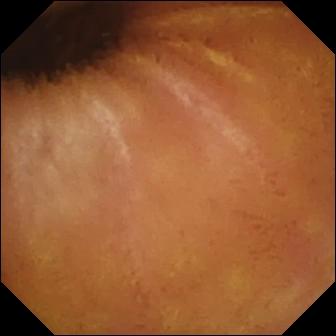Capsule endoscopy — normal clean mucosa.